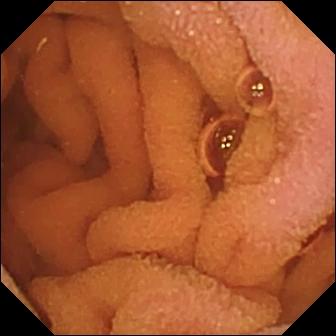Normal clean mucosa.